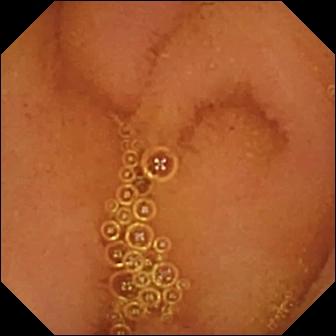VCE snapshot of the small bowel showing normal clean mucosa.